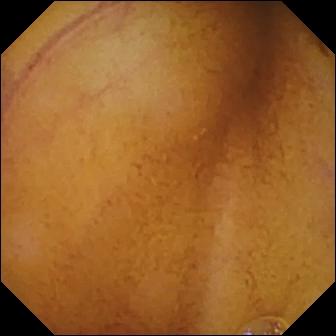Wireless capsule endoscopy. Small intestine. Impression: normal clean mucosa.